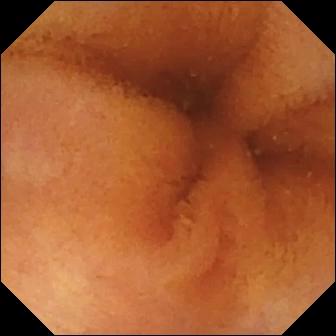- modality: small-bowel capsule endoscopy
- observation: normal clean mucosa